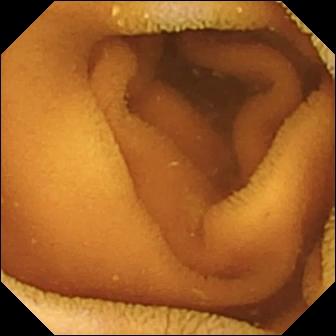Normal clean mucosa — small-bowel capsule endoscopy image of the small bowel.